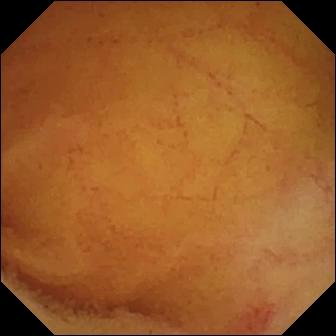Q: What does this VCE view show?
A: Angiectasia.